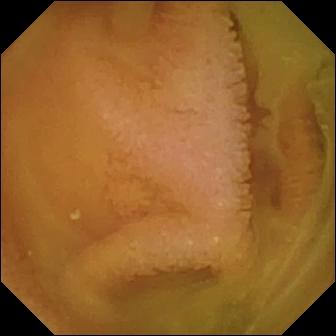- modality: wireless capsule endoscopy
- segment: small bowel
- category: luminal finding
- observation: normal clean mucosa